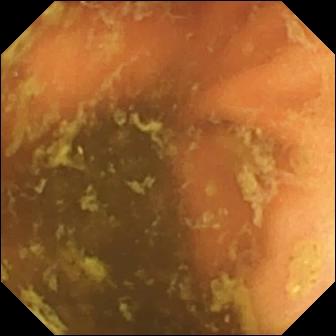Ileo-cecal valve region (where the capsule passes from the small bowel into the large bowel) — capsule endoscopy snapshot.